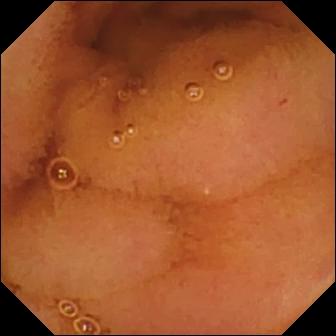Normal clean mucosa — small-bowel capsule endoscopy snapshot of the small intestine.